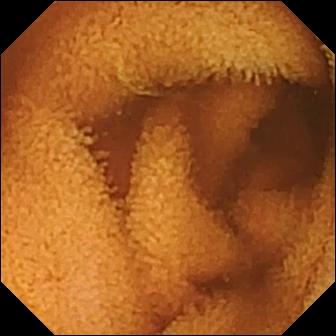{"modality": "video capsule endoscopy", "segment": "small intestine", "category": "luminal finding", "finding": "normal clean mucosa"}